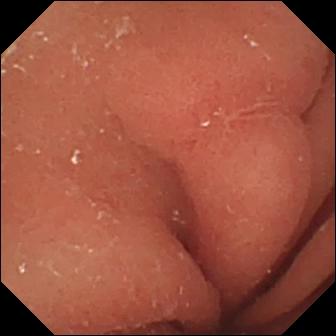- modality: capsule endoscopy
- label: erosion